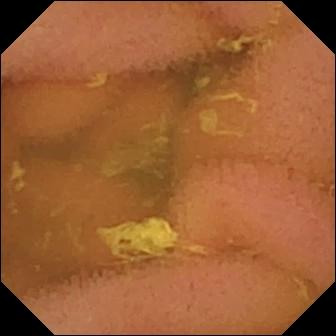Normal clean mucosa.